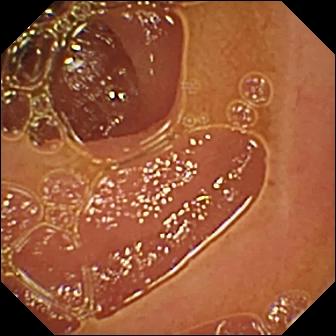Normal clean mucosa.